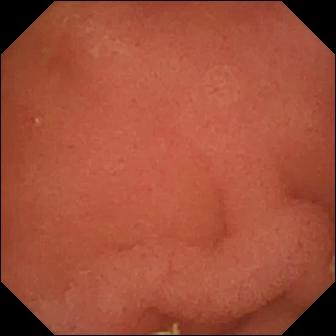WCE frame
Location: pylorus region (where the capsule passes from the stomach into the small bowel)